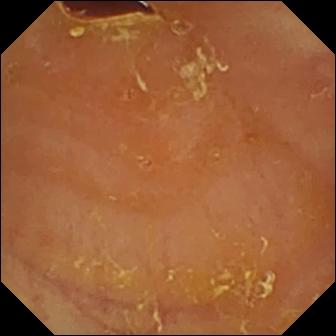Wireless capsule endoscopy snapshot. Reduced mucosal view (content or bubbles obscuring the mucosa).